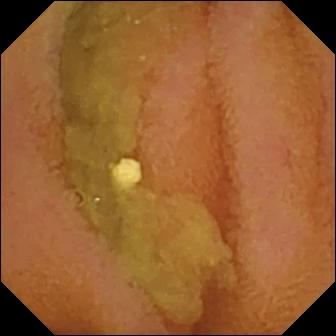Q: What does this small-bowel capsule endoscopy image show?
A: Normal clean mucosa.